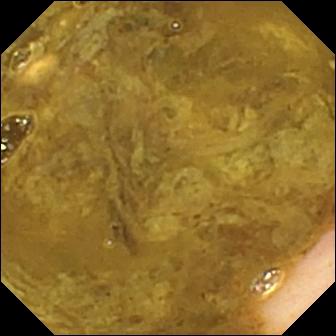PROCEDURE: WCE.
LABEL: Ileo-cecal valve region.